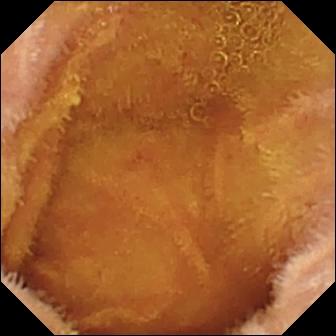Q: What does this wireless capsule endoscopy still show?
A: Normal clean mucosa.